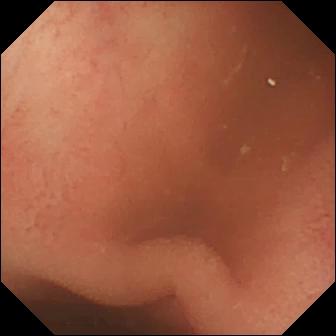Video capsule endoscopy image. Taken in the pylorus region (where the capsule passes from the stomach into the small bowel).